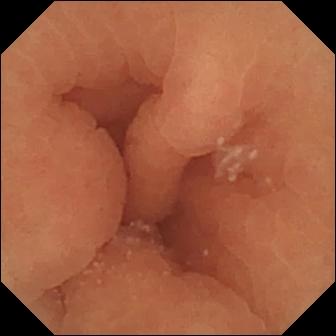- modality: small-bowel capsule endoscopy
- observation: normal clean mucosa